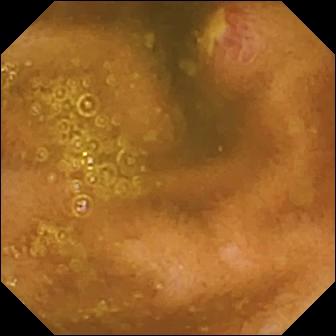PROCEDURE: Video capsule endoscopy.
FINDINGS: Ulcer.